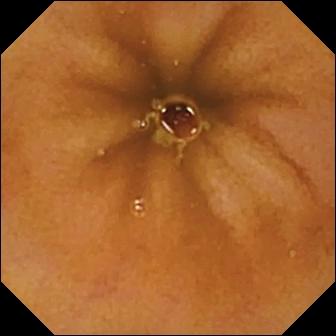Normal clean mucosa — capsule endoscopy snapshot.